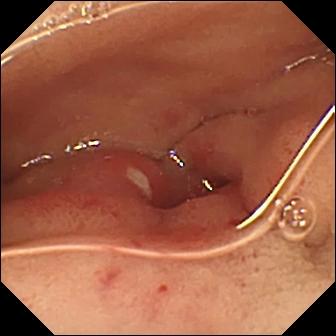Ulcer — VCE image.